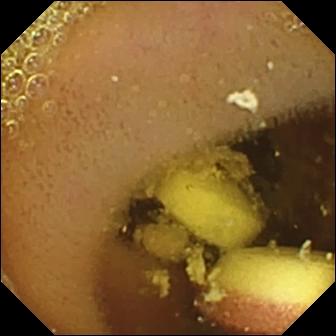Foreign body (e.g. retained capsule, tablet residue).